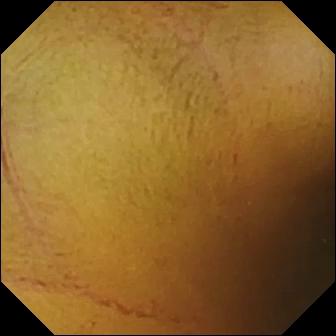This capsule endoscopy image shows normal clean mucosa.